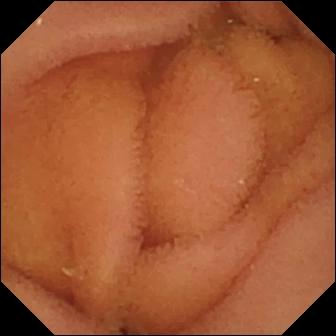modality: wireless capsule endoscopy; observation: normal clean mucosa